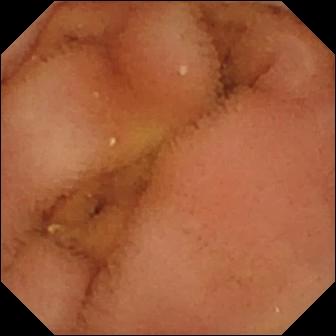VCE. Observation: normal clean mucosa.